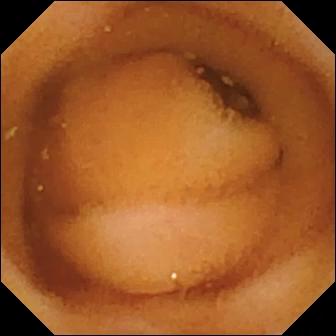Normal clean mucosa — capsule endoscopy snapshot of the small bowel.